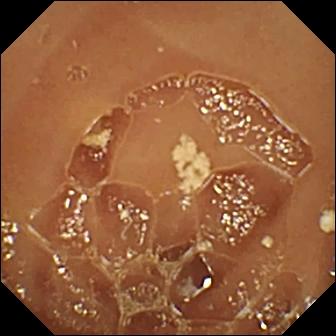WCE. Luminal finding. Label: normal clean mucosa.